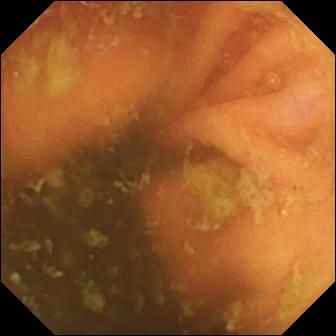{"modality": "wireless capsule endoscopy", "video_segment": "ileo-cecal valve region (the transition from the small bowel to the large bowel)"}